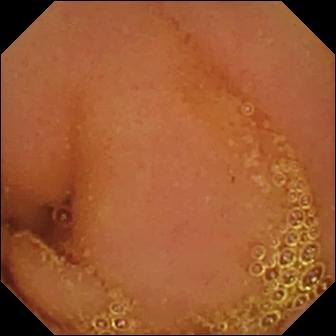modality: VCE
observation: normal clean mucosa